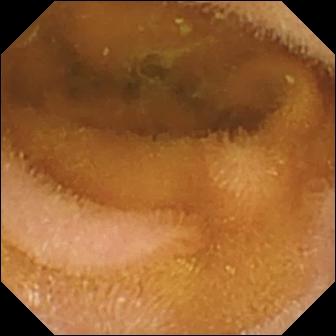Capsule endoscopy snapshot of the small intestine showing normal clean mucosa.